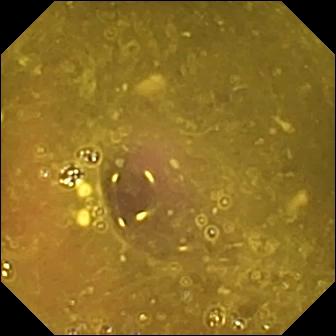Reduced mucosal view (content or bubbles obscuring the mucosa).